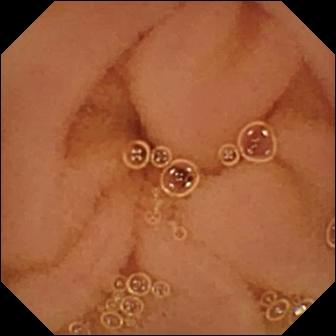{"modality": "video capsule endoscopy", "finding": "normal clean mucosa"}